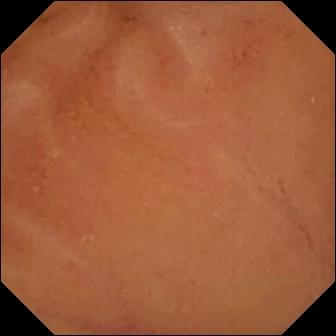- modality: VCE
- finding: normal clean mucosa